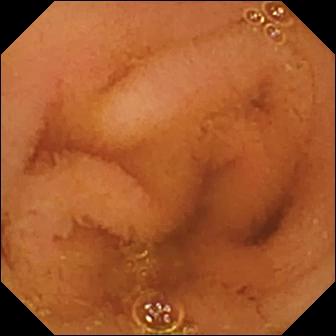PROCEDURE: Small-bowel capsule endoscopy.
SEGMENT: Small bowel.
FINDINGS: Normal clean mucosa.